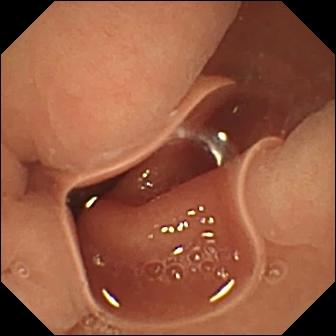This video capsule endoscopy still shows normal clean mucosa.